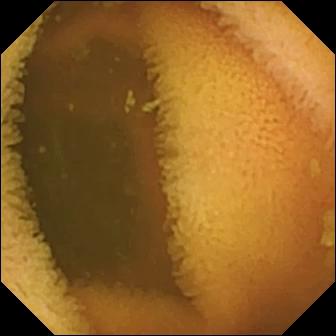Small-bowel capsule endoscopy image. Normal clean mucosa.